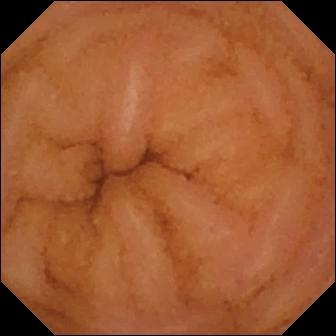WCE view. Normal clean mucosa.